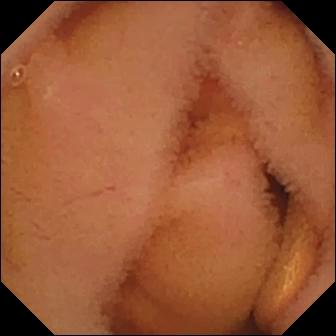Wireless capsule endoscopy still, small intestine
Observation: normal clean mucosa